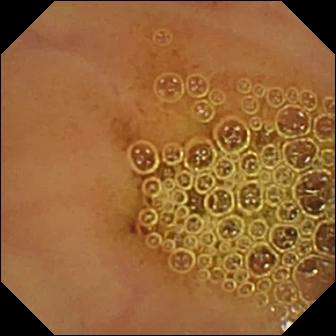Q: What does this video capsule endoscopy image of the small bowel show?
A: Normal clean mucosa.